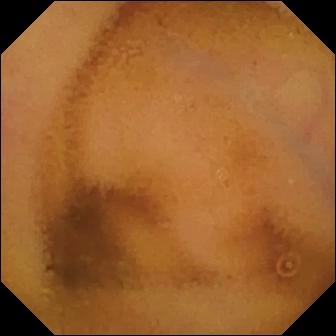Video capsule endoscopy — normal clean mucosa.